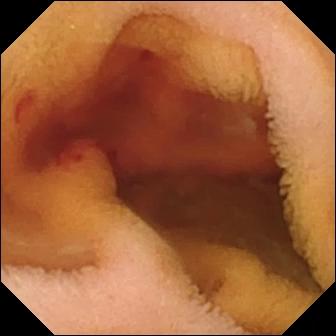Wireless capsule endoscopy frame
Finding: fresh blood in the lumen